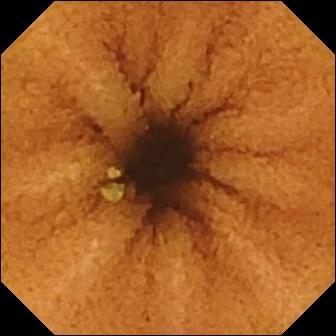Q: What does this capsule endoscopy image show?
A: Normal clean mucosa.